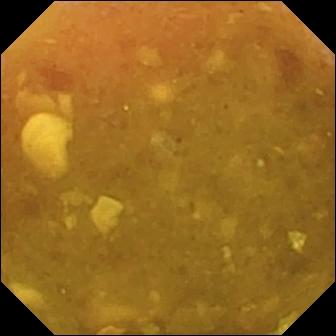Small-bowel capsule endoscopy image. Reduced mucosal view (content or bubbles obscuring the mucosa).